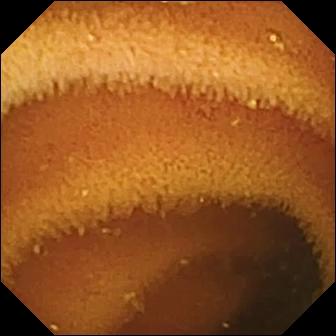Wireless capsule endoscopy. Luminal finding. Label: normal clean mucosa.